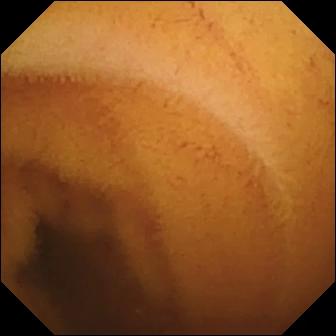{"modality": "wireless capsule endoscopy", "finding": "normal clean mucosa"}